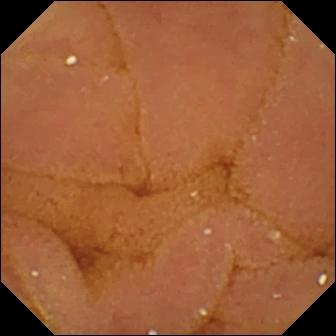modality: WCE | label: normal clean mucosa